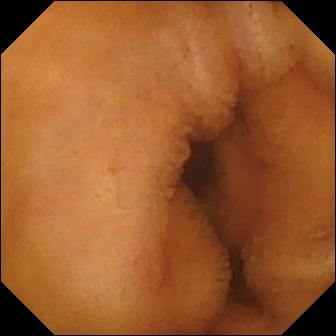Capsule endoscopy image of the small bowel showing normal clean mucosa.